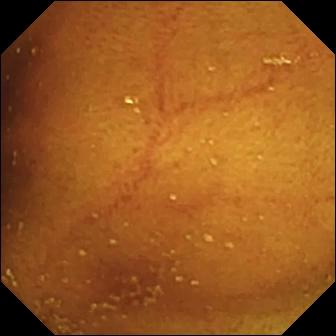Ileo-cecal valve region.